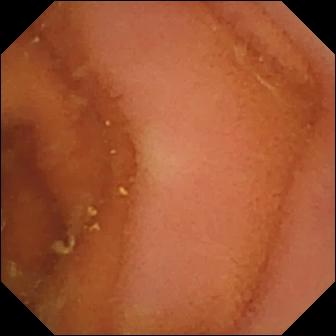{"modality": "capsule endoscopy", "segment": "small intestine", "finding": "normal clean mucosa"}